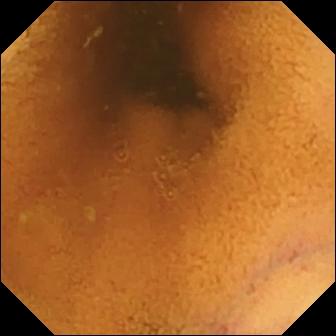Video capsule endoscopy view
Label: normal clean mucosa